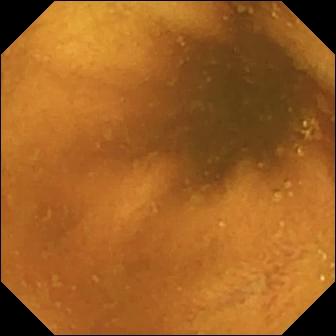Capsule endoscopy frame (small bowel). Normal clean mucosa.